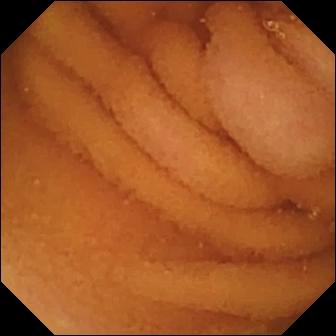Capsule endoscopy snapshot, small intestine
Label: normal clean mucosa